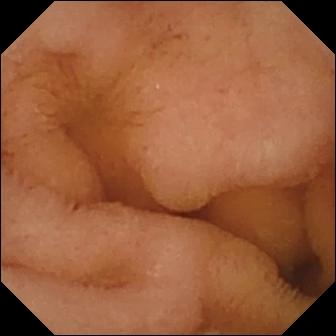Video capsule endoscopy snapshot, small bowel
Observation: normal clean mucosa